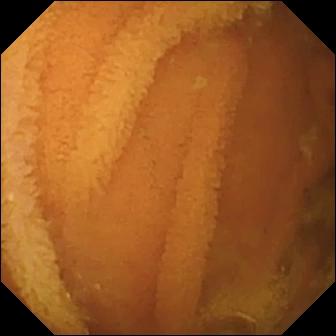Q: What does this wireless capsule endoscopy image show?
A: Normal clean mucosa.